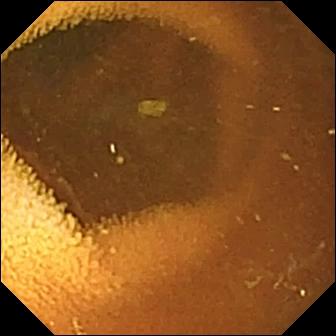PROCEDURE: VCE.
SEGMENT: Small intestine.
FINDINGS: Normal clean mucosa.